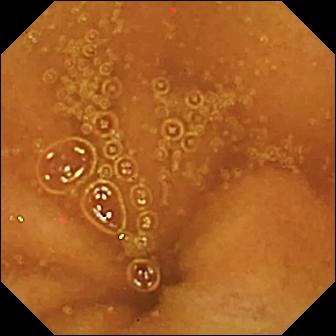- modality: VCE
- segment: small bowel
- observation: normal clean mucosa